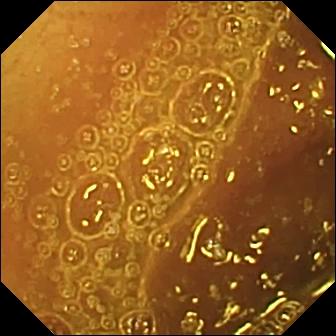Normal clean mucosa.